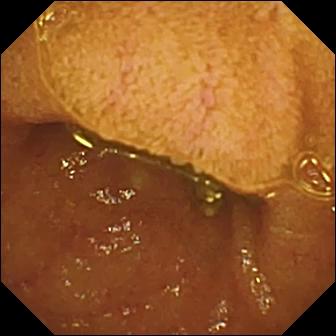- modality: video capsule endoscopy
- location: ileo-cecal valve region (the transition from the small bowel to the large bowel)